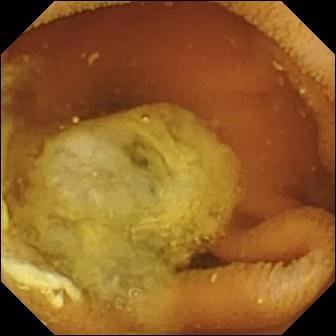Capsule endoscopy image (small bowel). Normal clean mucosa.